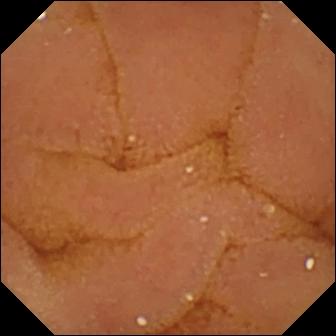Capsule endoscopy — normal clean mucosa.